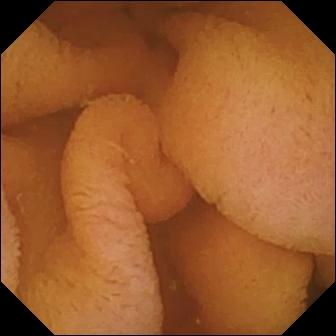Small-bowel capsule endoscopy — normal clean mucosa.